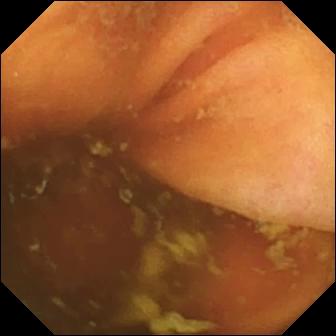PROCEDURE: Video capsule endoscopy.
POSITION: Ileo-cecal valve region.